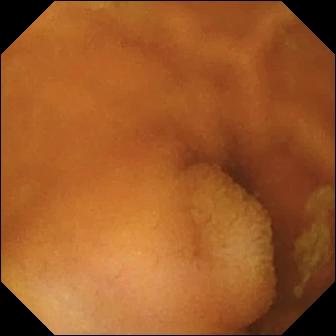Small-bowel capsule endoscopy image (small intestine), 336×336. Normal clean mucosa.